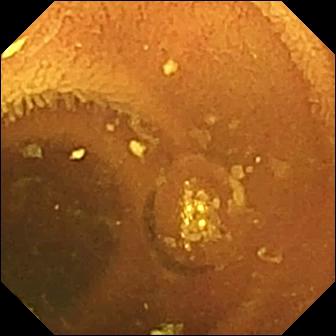Small-bowel capsule endoscopy — normal clean mucosa.